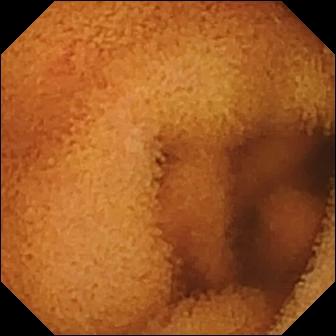- modality: video capsule endoscopy
- category: luminal finding
- finding: normal clean mucosa